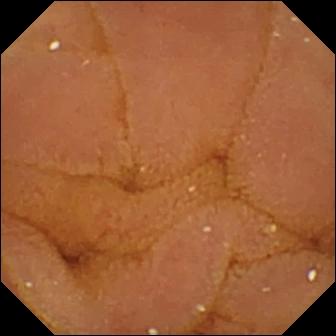Q: What does this VCE view of the small intestine show?
A: Normal clean mucosa.